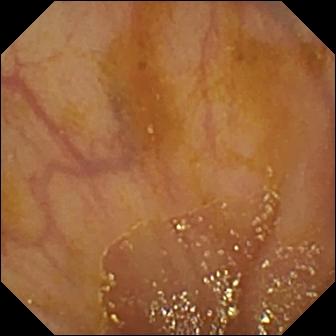Ileo-cecal valve region.